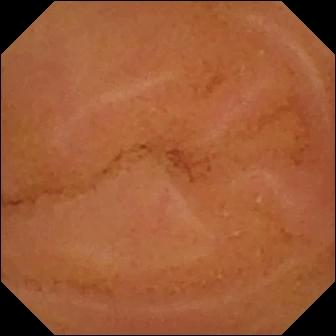WCE view (small intestine). Normal clean mucosa.